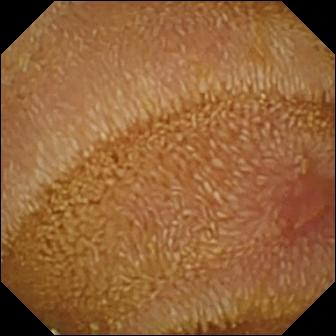modality: small-bowel capsule endoscopy | observation: erosion